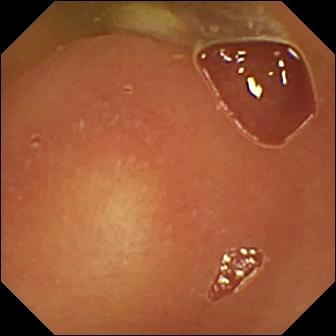This video capsule endoscopy still shows normal clean mucosa.